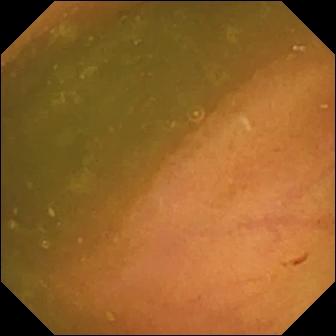WCE view taken in the ileo-cecal valve region (the transition from the small bowel to the large bowel).